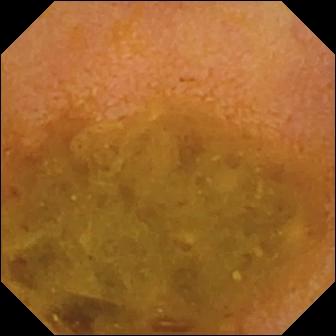- modality: wireless capsule endoscopy
- segment: small intestine
- impression: reduced mucosal view (content or bubbles obscuring the mucosa)